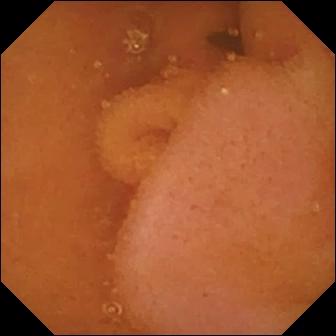modality: video capsule endoscopy
category: luminal finding
finding: normal clean mucosa